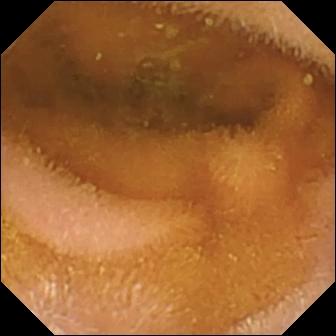WCE — normal clean mucosa.